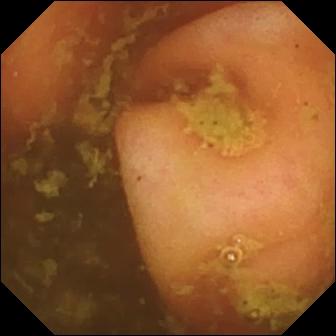VCE snapshot. Taken in the ileo-cecal valve region (the transition from the small bowel to the large bowel).